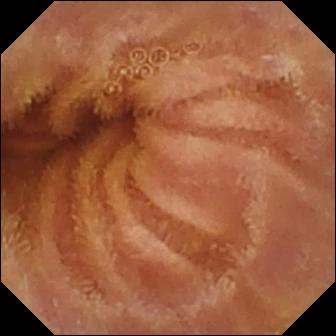Capsule endoscopy snapshot
Impression: normal clean mucosa